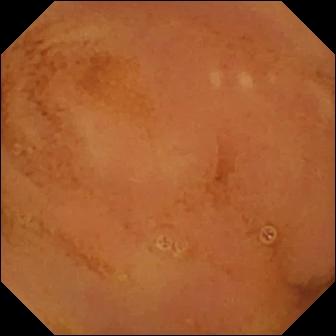Normal clean mucosa (336×336).